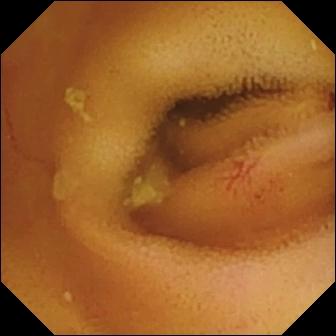- modality: wireless capsule endoscopy
- category: luminal finding
- finding: angiectasia